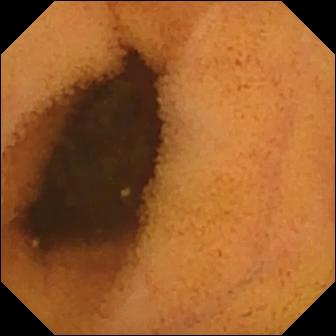- modality: wireless capsule endoscopy
- segment: small intestine
- category: luminal finding
- label: normal clean mucosa